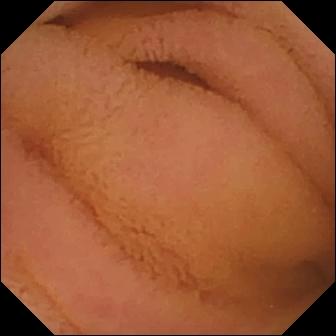This VCE snapshot shows normal clean mucosa.